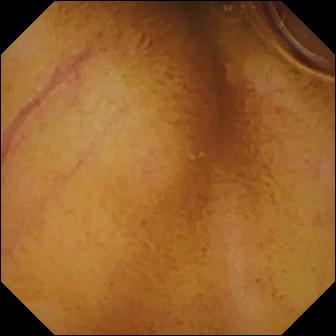Small-bowel capsule endoscopy still, small bowel
Observation: normal clean mucosa